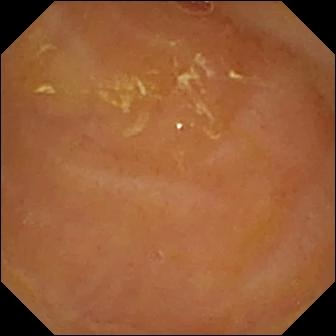VCE still
Observation: reduced mucosal view (content or bubbles obscuring the mucosa)